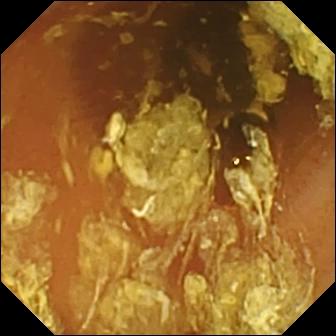Normal clean mucosa (336×336).